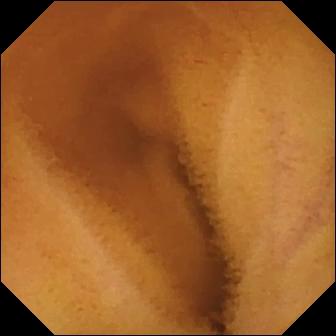{"modality": "WCE", "segment": "small bowel", "finding": "normal clean mucosa"}